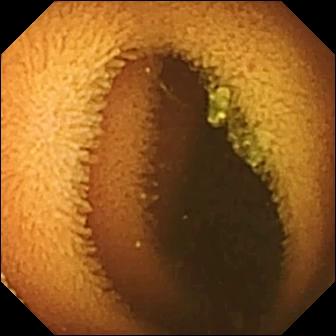PROCEDURE: WCE.
FINDINGS: Normal clean mucosa.